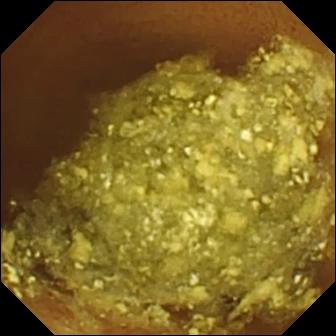PROCEDURE: Capsule endoscopy.
FINDINGS: Normal clean mucosa.